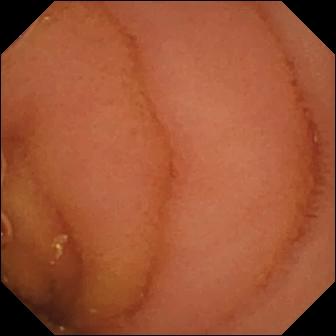{"modality": "capsule endoscopy", "category": "luminal finding", "finding": "normal clean mucosa"}